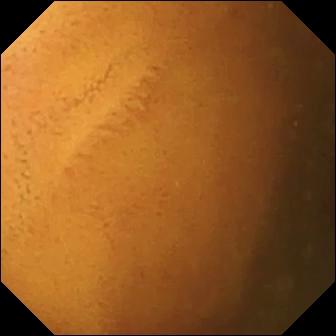This VCE frame shows normal clean mucosa.